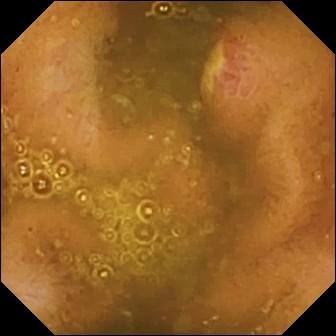VCE. Label: ulcer.